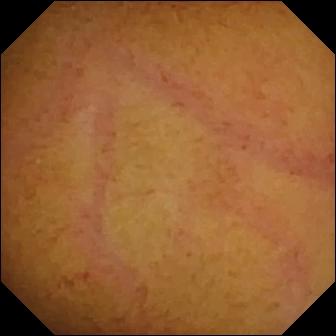WCE — normal clean mucosa.